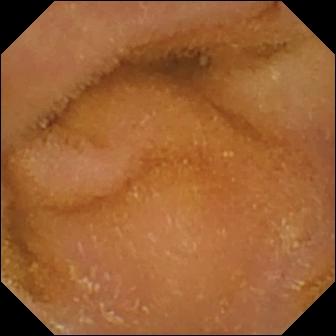VCE still
Label: normal clean mucosa